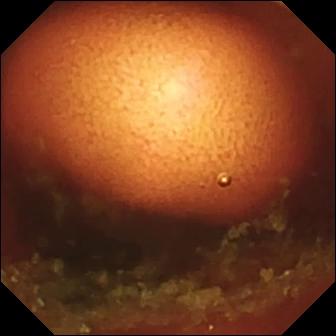Q: Where in the digestive tract was this WCE frame taken?
A: Ileo-cecal valve region (where the capsule passes from the small bowel into the large bowel).